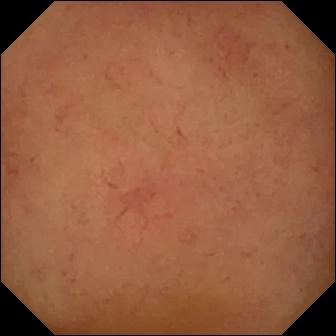modality: capsule endoscopy; label: normal clean mucosa